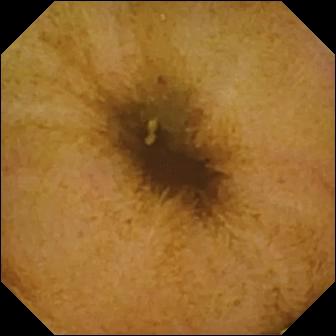WCE snapshot (small intestine). Normal clean mucosa.